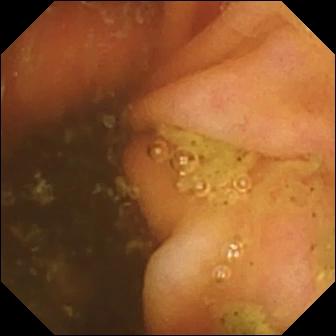Wireless capsule endoscopy still, 336×336. Taken in the ileo-cecal valve region (where the capsule passes from the small bowel into the large bowel).